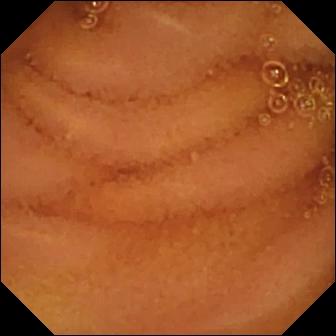Capsule endoscopy still, 336×336. Normal clean mucosa.